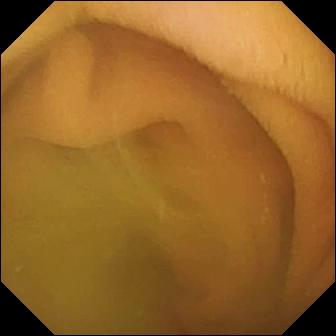This VCE view shows normal clean mucosa.